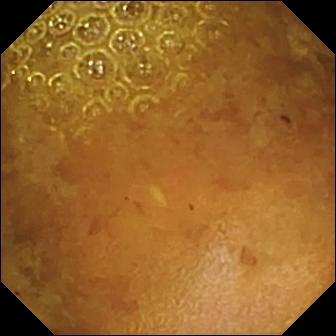Q: What does this VCE view of the small intestine show?
A: Reduced mucosal view (content or bubbles obscuring the mucosa).